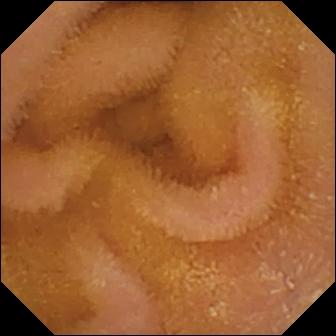- modality: wireless capsule endoscopy
- finding: normal clean mucosa